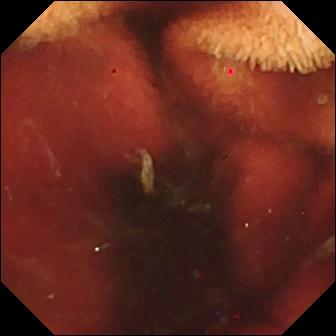WCE snapshot
Impression: fresh blood in the lumen